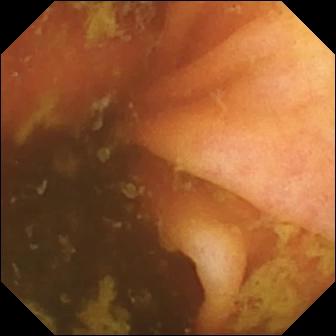Video capsule endoscopy image. Taken in the ileo-cecal valve region (the transition from the small bowel to the large bowel).